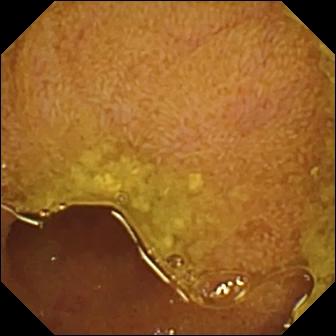Ileo-cecal valve region (where the capsule passes from the small bowel into the large bowel) — small-bowel capsule endoscopy image.